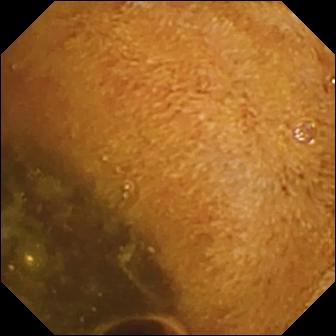Foreign body (e.g. retained capsule, tablet residue).